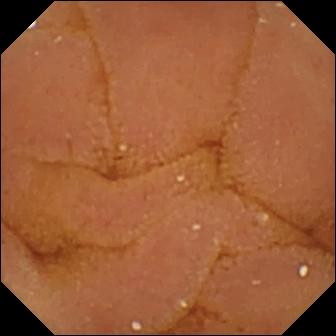Wireless capsule endoscopy still showing normal clean mucosa.